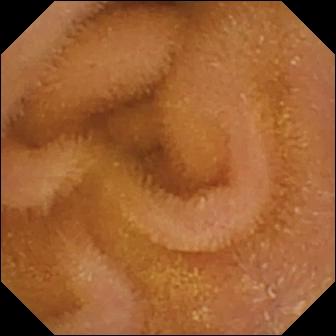VCE frame, 336×336. Normal clean mucosa.